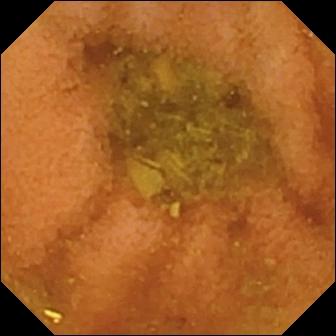Video capsule endoscopy. Small intestine. Impression: normal clean mucosa.